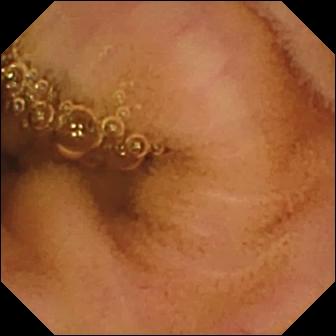WCE image, 336×336. Normal clean mucosa.